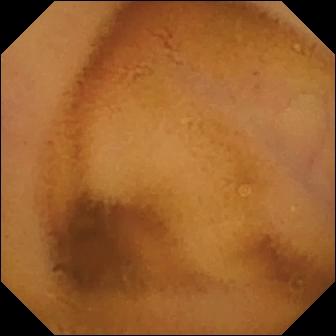Normal clean mucosa.